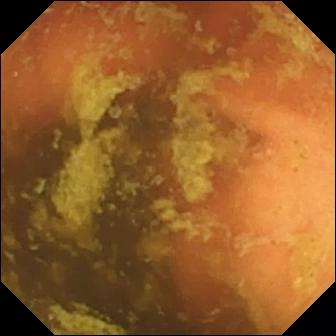Q: Where in the digestive tract was this small-bowel capsule endoscopy frame taken?
A: Ileo-cecal valve region.